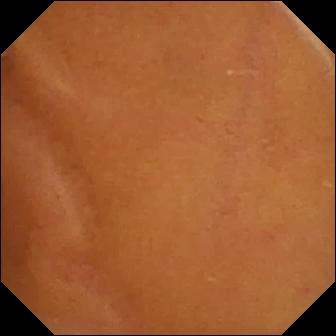- modality: capsule endoscopy
- category: luminal finding
- impression: normal clean mucosa